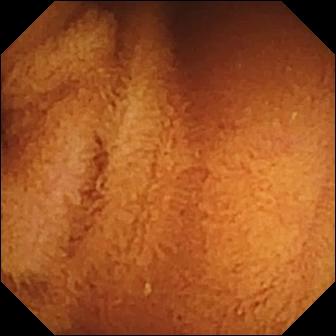This capsule endoscopy image shows normal clean mucosa.